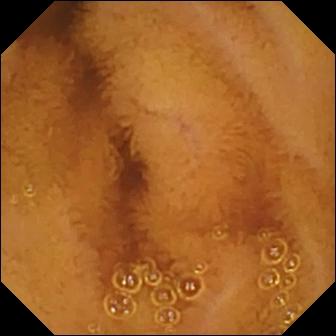Normal clean mucosa.